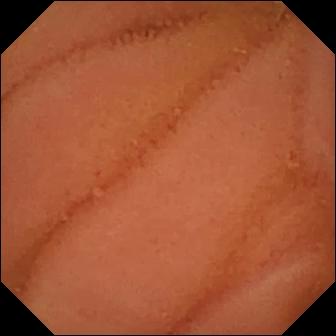PROCEDURE: Video capsule endoscopy.
FINDINGS: Normal clean mucosa.